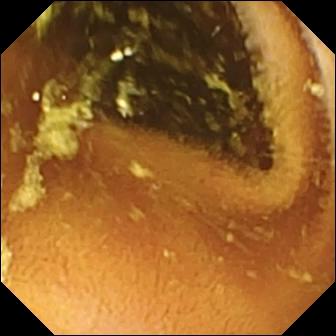VCE image of the small intestine showing normal clean mucosa.